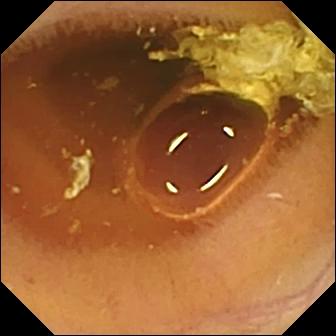VCE snapshot (small intestine). Normal clean mucosa.